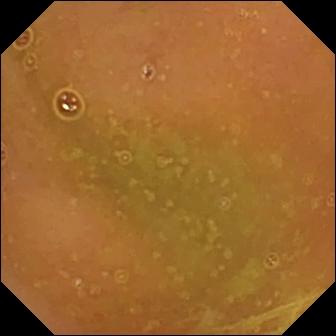Normal clean mucosa — wireless capsule endoscopy view of the small bowel.